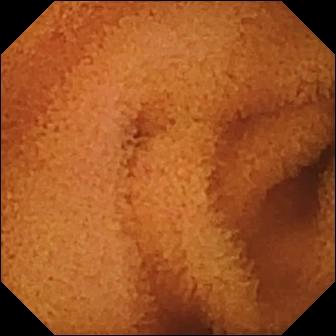- modality: VCE
- observation: normal clean mucosa